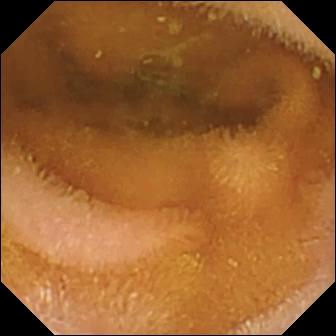Capsule endoscopy frame of the small bowel showing normal clean mucosa.